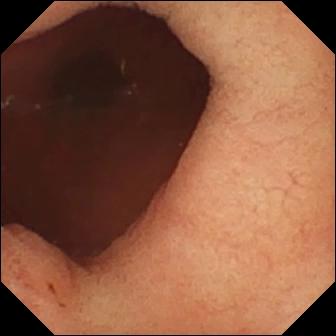- modality: small-bowel capsule endoscopy
- category: anatomical landmark
- video segment: pylorus region